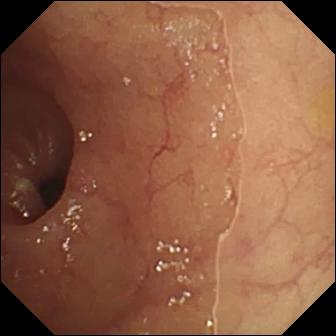PROCEDURE: Video capsule endoscopy.
FINDINGS: Ulcer.